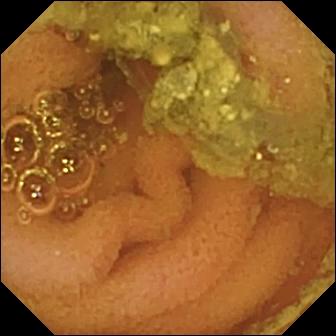- modality: WCE
- observation: normal clean mucosa